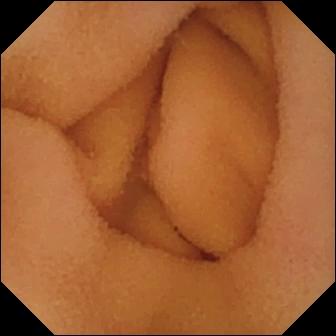- modality: small-bowel capsule endoscopy
- segment: small intestine
- category: luminal finding
- observation: normal clean mucosa